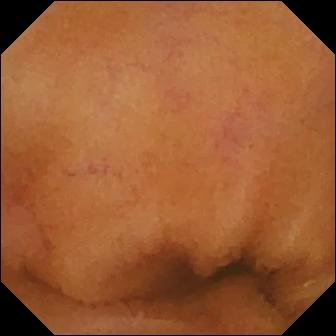Normal clean mucosa — wireless capsule endoscopy view.